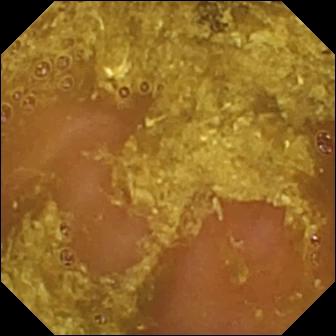This VCE image shows reduced mucosal view (content or bubbles obscuring the mucosa).